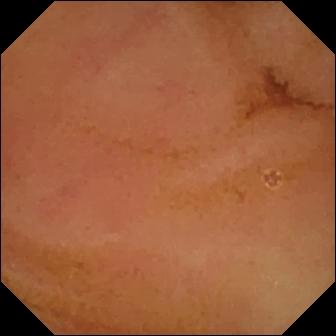Normal clean mucosa — VCE view.